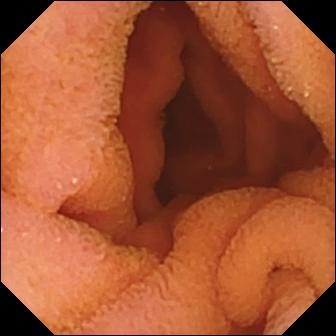Q: What does this video capsule endoscopy still of the small intestine show?
A: Normal clean mucosa.